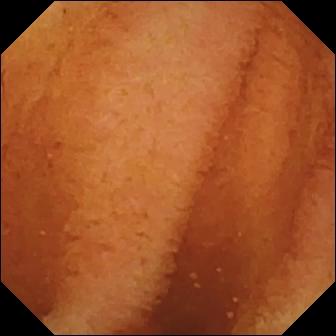{"modality": "video capsule endoscopy", "finding": "normal clean mucosa"}